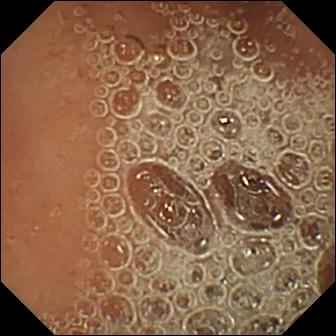modality: WCE | observation: normal clean mucosa